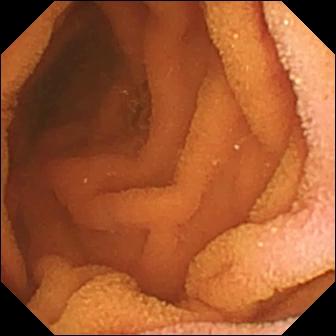{"modality": "small-bowel capsule endoscopy", "segment": "small intestine", "category": "luminal finding", "finding": "normal clean mucosa"}